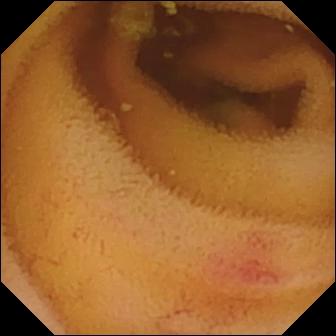- modality: capsule endoscopy
- impression: angiectasia